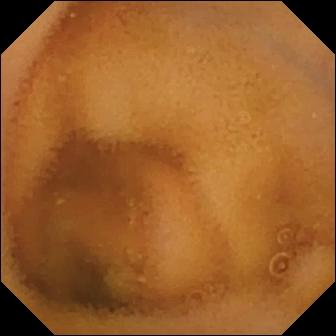Wireless capsule endoscopy — normal clean mucosa.